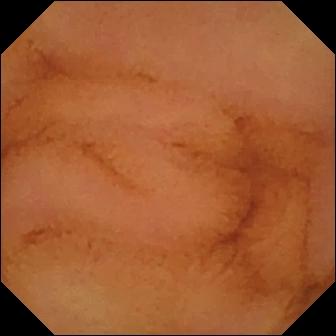Capsule endoscopy still of the small bowel showing normal clean mucosa.